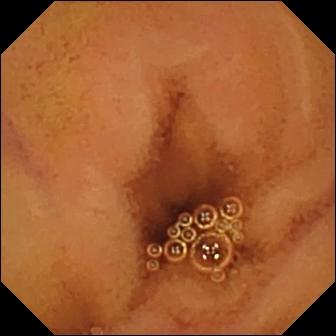Q: What does this WCE snapshot of the small bowel show?
A: Normal clean mucosa.